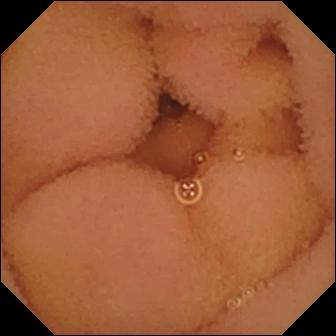Capsule endoscopy still of the small bowel showing normal clean mucosa.